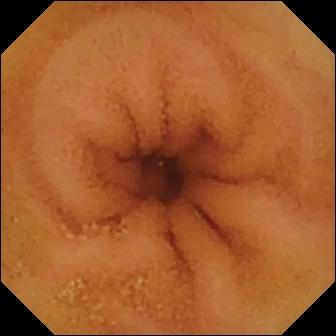VCE. Small intestine. Finding: normal clean mucosa.